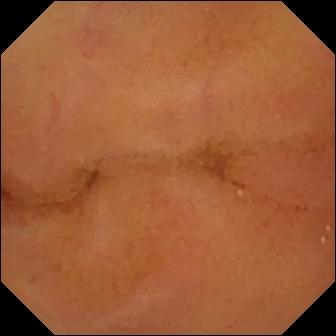This capsule endoscopy image shows normal clean mucosa.